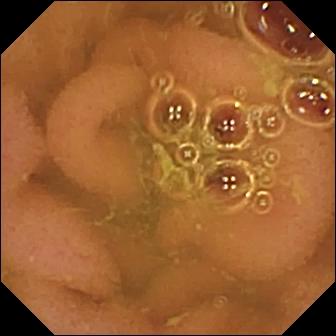WCE — normal clean mucosa.